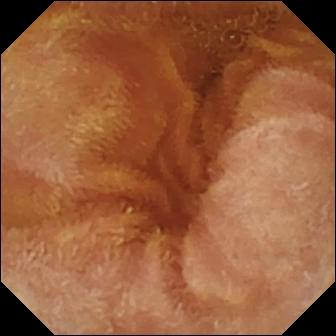Wireless capsule endoscopy — normal clean mucosa.